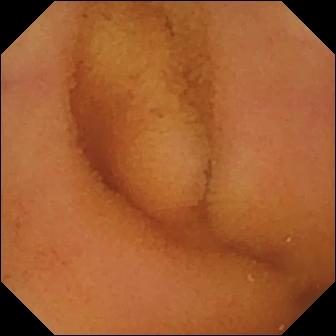Video capsule endoscopy frame
Impression: normal clean mucosa